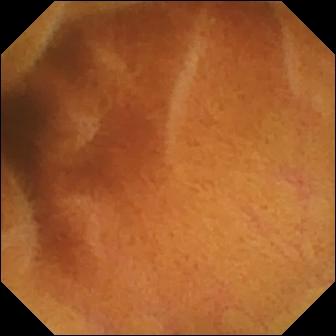- modality: VCE
- segment: small bowel
- observation: normal clean mucosa